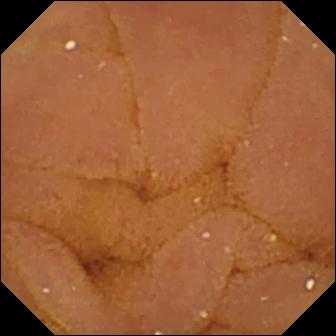VCE snapshot showing normal clean mucosa.